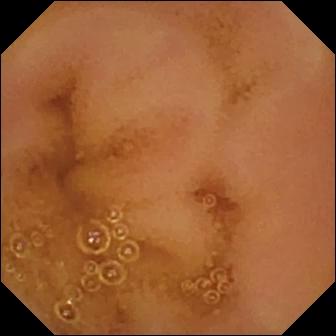Normal clean mucosa.